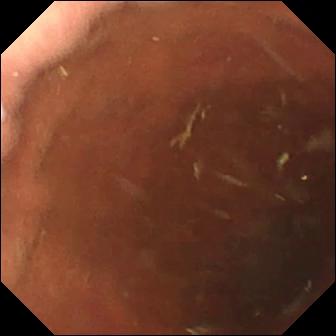modality: video capsule endoscopy | label: pylorus region